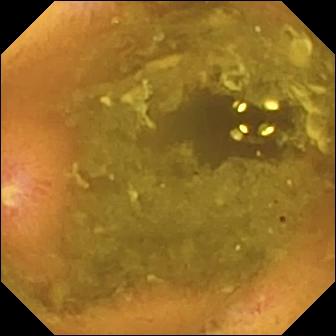Small-bowel capsule endoscopy — ulcer.